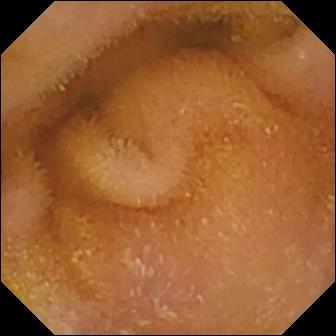modality: VCE; finding: normal clean mucosa